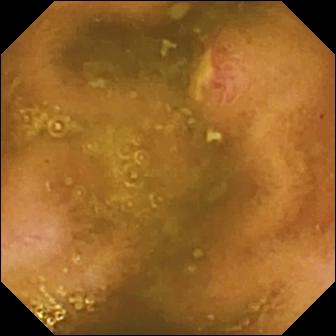Ulcer — VCE snapshot.